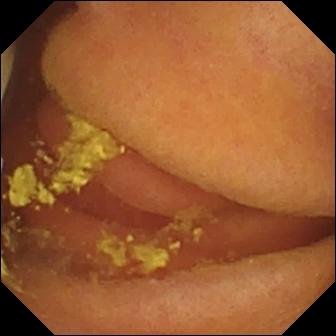Video capsule endoscopy still
Observation: foreign body (e.g. retained capsule, tablet residue)